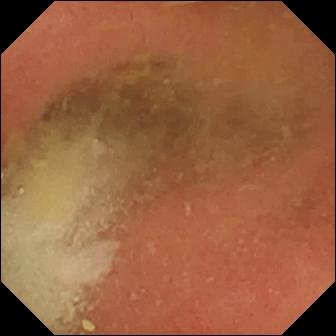Capsule endoscopy snapshot. Taken in the pylorus region.